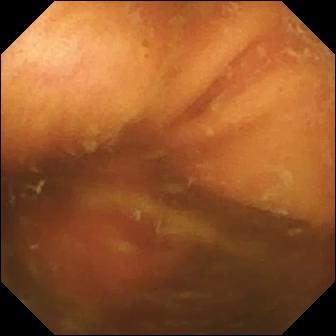Q: Where in the digestive tract was this capsule endoscopy view taken?
A: Ileo-cecal valve region (the transition from the small bowel to the large bowel).